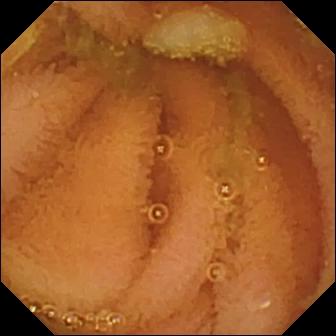PROCEDURE: Capsule endoscopy.
SEGMENT: Small bowel.
FINDINGS: Normal clean mucosa.